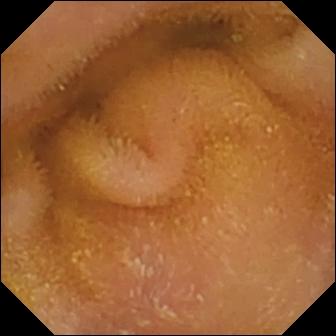- modality: VCE
- segment: small intestine
- finding: normal clean mucosa